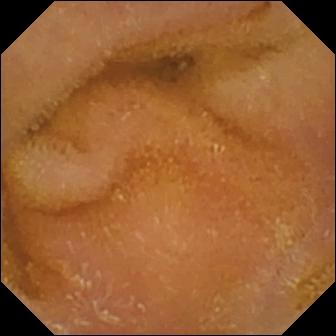Wireless capsule endoscopy still (small bowel). Normal clean mucosa.